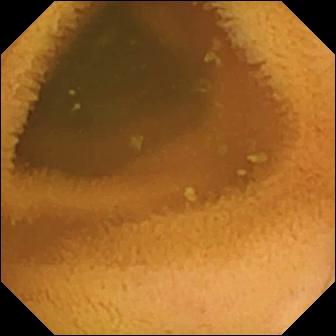Wireless capsule endoscopy. Luminal finding. Observation: normal clean mucosa.